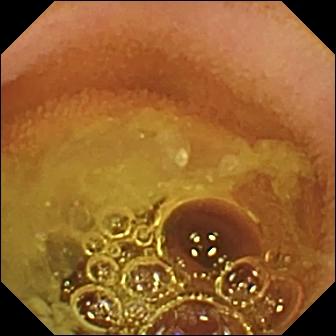PROCEDURE: WCE.
SEGMENT: Small intestine.
FINDINGS: Normal clean mucosa.